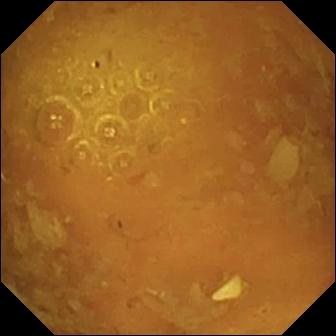Small-bowel capsule endoscopy. Small intestine. Finding: reduced mucosal view (content or bubbles obscuring the mucosa).